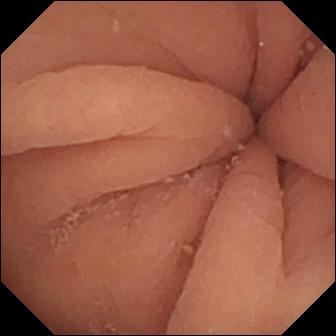Pylorus region (where the capsule passes from the stomach into the small bowel) — video capsule endoscopy frame.